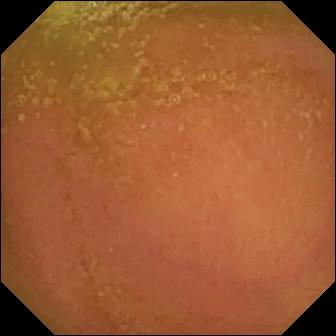Small-bowel capsule endoscopy. Small intestine. Observation: normal clean mucosa.